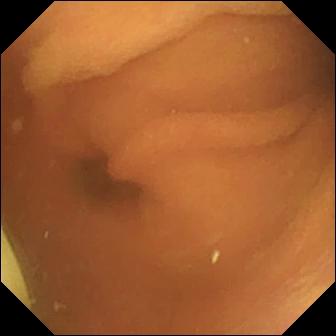PROCEDURE: Video capsule endoscopy.
FINDINGS: Foreign body (e.g. retained capsule, tablet residue).